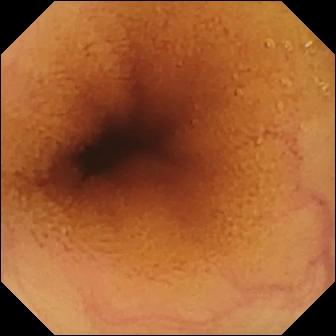Normal clean mucosa.